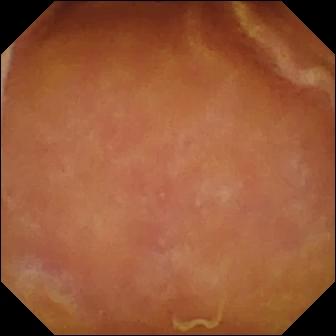{"modality": "small-bowel capsule endoscopy", "finding": "normal clean mucosa"}